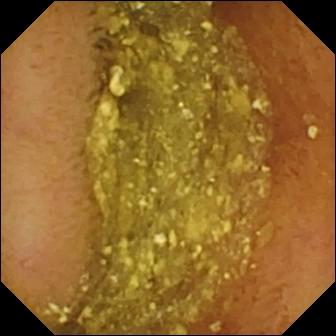Video capsule endoscopy — normal clean mucosa.